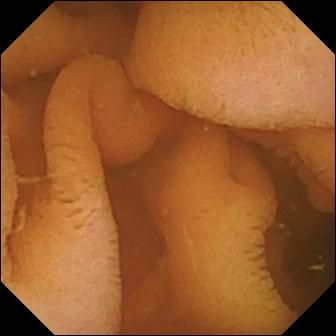Normal clean mucosa — video capsule endoscopy snapshot of the small intestine.